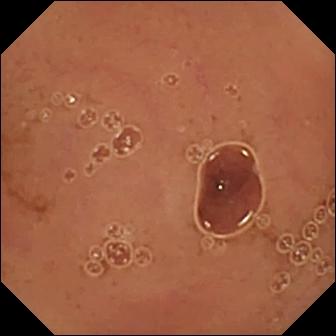modality: small-bowel capsule endoscopy; segment: small intestine; impression: normal clean mucosa